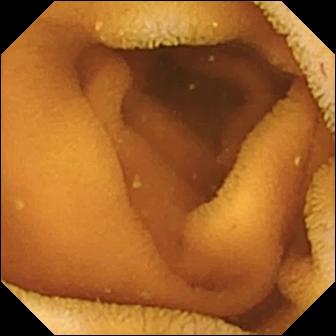Small-bowel capsule endoscopy image. Normal clean mucosa.